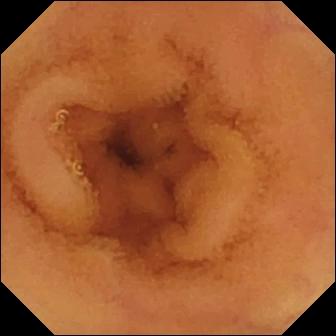{"modality": "WCE", "category": "luminal finding", "finding": "normal clean mucosa"}